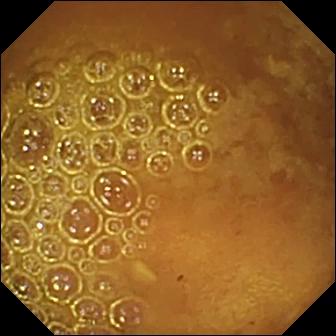modality: VCE; category: luminal finding; impression: reduced mucosal view (content or bubbles obscuring the mucosa)